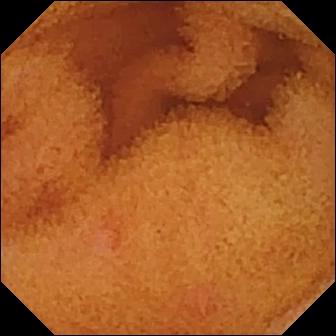This video capsule endoscopy image of the small bowel shows normal clean mucosa.